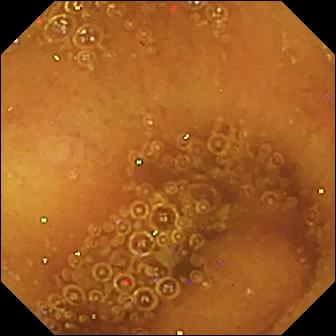VCE. Label: normal clean mucosa.